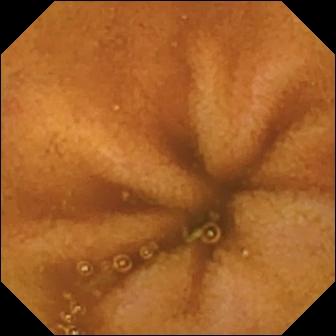Video capsule endoscopy. Luminal finding. Observation: normal clean mucosa.